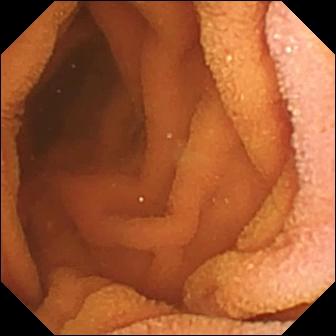Normal clean mucosa.